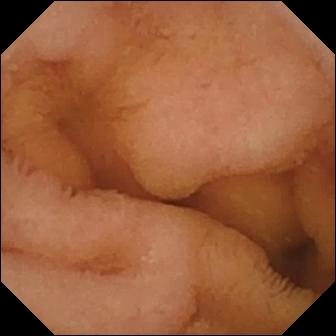Capsule endoscopy view (small bowel), 336×336. Normal clean mucosa.